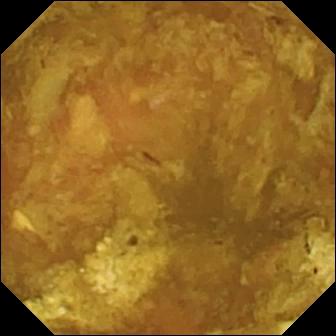- modality: wireless capsule endoscopy
- segment: small intestine
- category: luminal finding
- finding: reduced mucosal view (content or bubbles obscuring the mucosa)